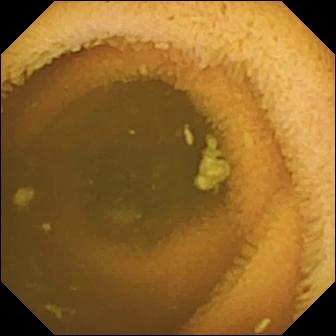Normal clean mucosa.